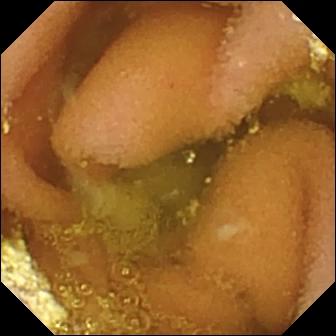- modality: small-bowel capsule endoscopy
- impression: lymphangiectasia